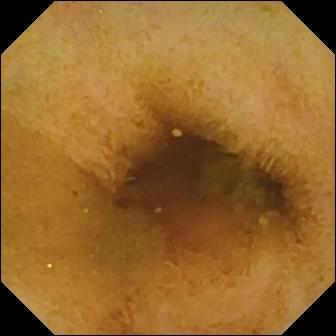- modality: WCE
- category: luminal finding
- observation: normal clean mucosa